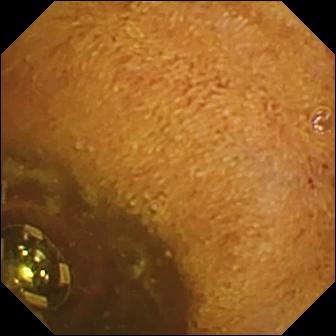Wireless capsule endoscopy view
Impression: foreign body (e.g. retained capsule, tablet residue)